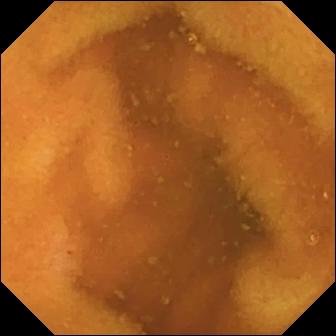Capsule endoscopy view, small bowel
Label: normal clean mucosa